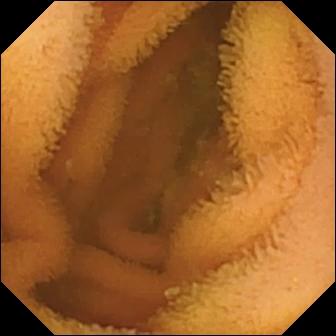Wireless capsule endoscopy image showing normal clean mucosa.